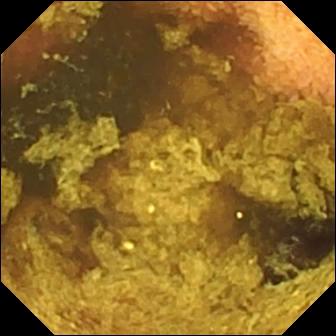Small-bowel capsule endoscopy view of the small intestine showing normal clean mucosa.